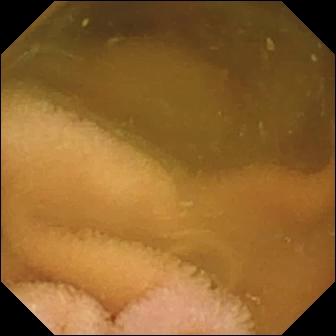{"modality": "WCE", "category": "luminal finding", "finding": "normal clean mucosa"}